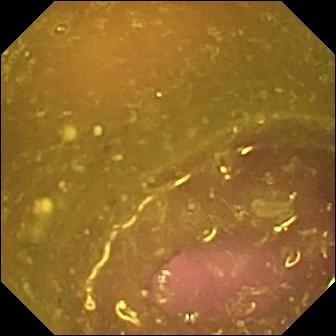Wireless capsule endoscopy — reduced mucosal view (content or bubbles obscuring the mucosa).